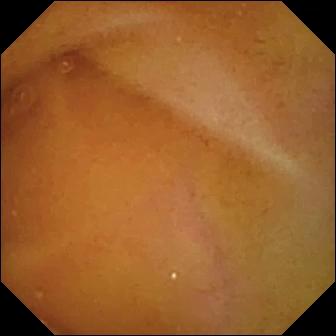Wireless capsule endoscopy. Finding: normal clean mucosa.